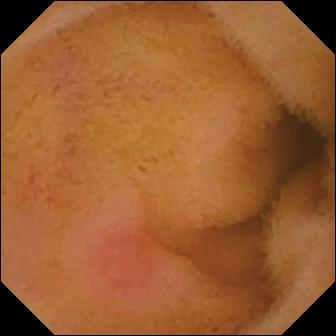{"modality": "video capsule endoscopy", "category": "luminal finding", "finding": "erythema (mucosal redness)"}